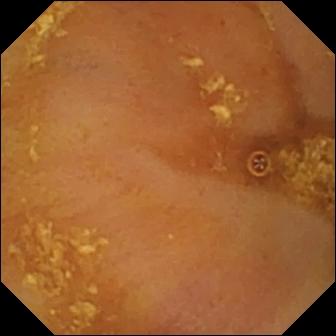Capsule endoscopy view
Video segment: ileo-cecal valve region (the transition from the small bowel to the large bowel)